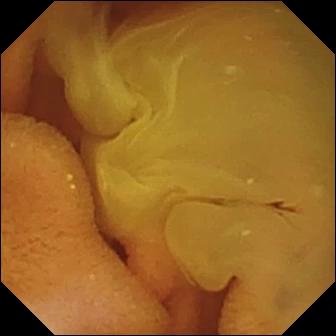- modality: VCE
- segment: small intestine
- observation: normal clean mucosa